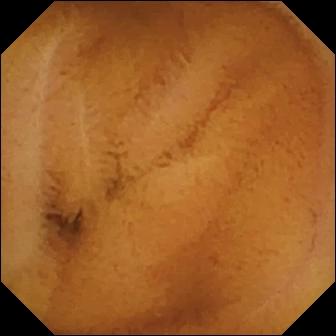Normal clean mucosa.